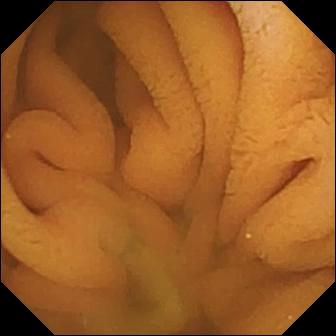Q: What does this wireless capsule endoscopy view show?
A: Normal clean mucosa.